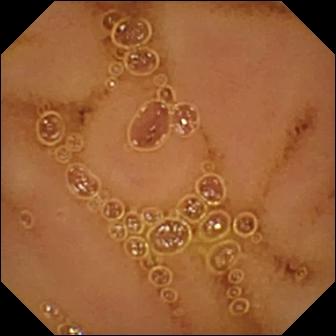VCE still (small bowel). Normal clean mucosa.